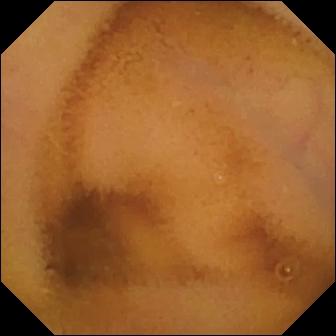Small-bowel capsule endoscopy. Luminal finding. Observation: normal clean mucosa.